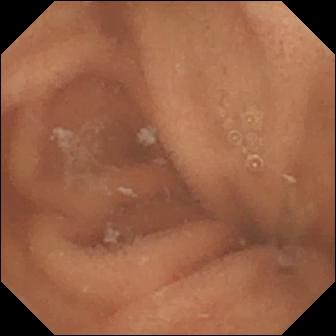Video capsule endoscopy — normal clean mucosa.